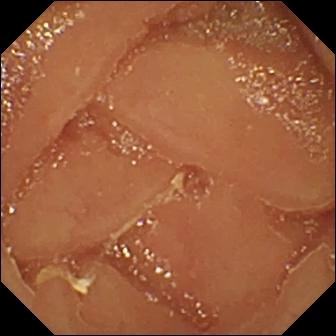modality: capsule endoscopy | segment: small bowel | category: luminal finding | finding: normal clean mucosa